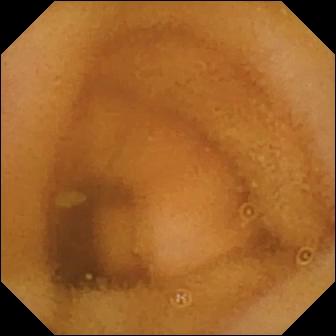This WCE still shows normal clean mucosa.